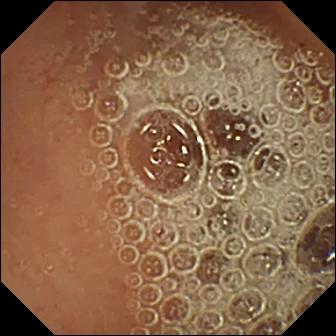{"modality": "small-bowel capsule endoscopy", "finding": "normal clean mucosa"}